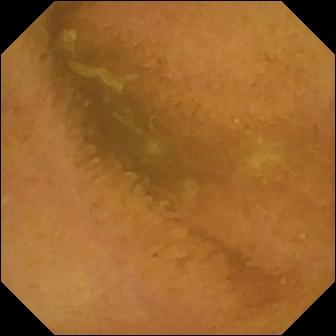This WCE image of the small intestine shows normal clean mucosa.